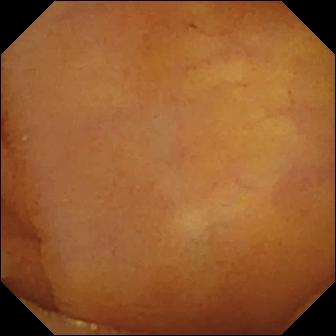Normal clean mucosa (336×336).